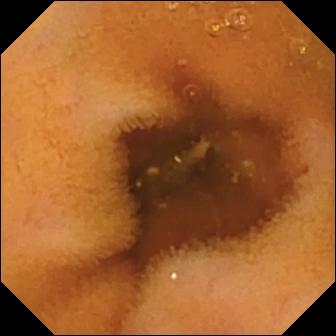{"modality": "wireless capsule endoscopy", "segment": "small bowel", "category": "luminal finding", "finding": "normal clean mucosa"}